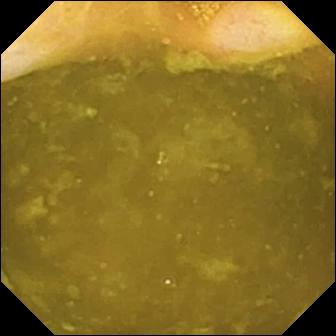This WCE view was taken in the ileo-cecal valve region (the transition from the small bowel to the large bowel).